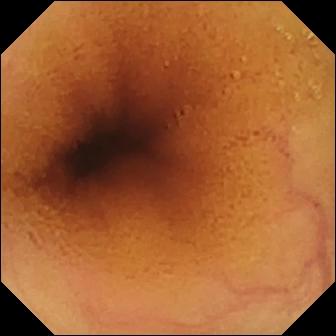This VCE frame of the small bowel shows normal clean mucosa.